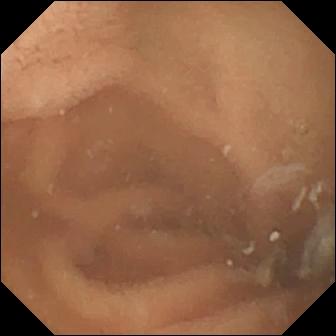Small-bowel capsule endoscopy — normal clean mucosa.